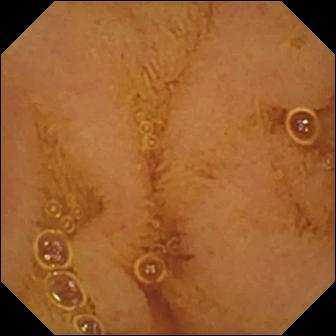Capsule endoscopy — normal clean mucosa.